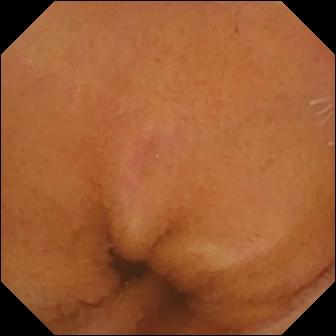This small-bowel capsule endoscopy frame shows normal clean mucosa.